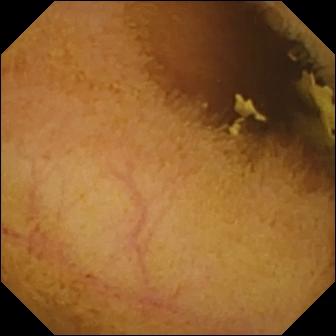This small-bowel capsule endoscopy view of the small intestine shows normal clean mucosa.